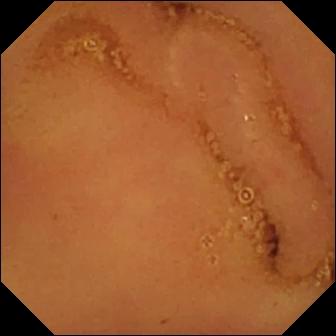PROCEDURE: VCE.
FINDINGS: Normal clean mucosa.